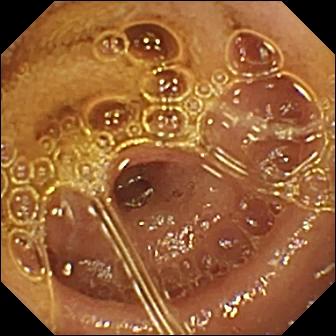This wireless capsule endoscopy still shows normal clean mucosa.